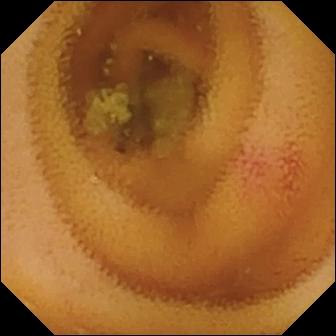- modality: WCE
- category: luminal finding
- label: angiectasia